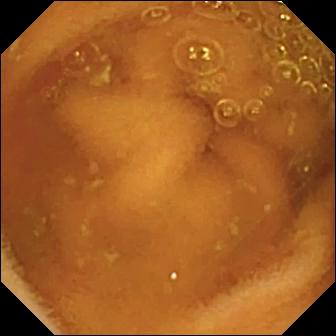Q: What does this WCE view show?
A: Normal clean mucosa.